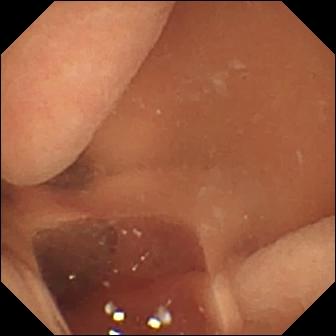VCE view showing normal clean mucosa.